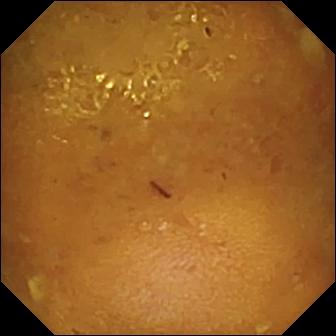Wireless capsule endoscopy snapshot, small intestine
Observation: reduced mucosal view (content or bubbles obscuring the mucosa)